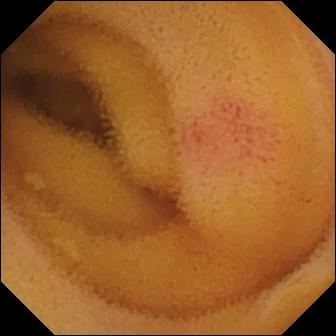Video capsule endoscopy — angiectasia.